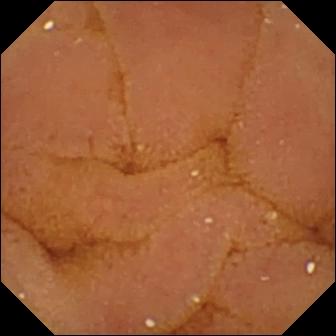WCE frame of the small bowel showing normal clean mucosa.